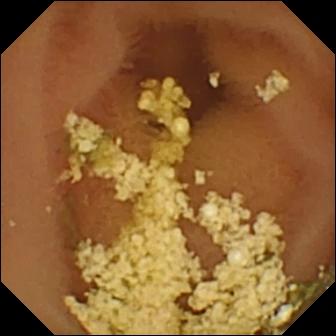VCE — normal clean mucosa.